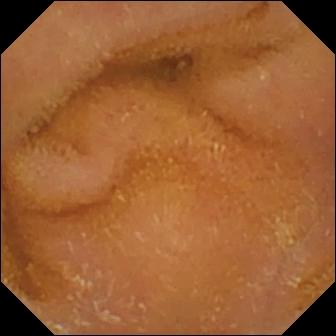PROCEDURE: VCE.
FINDINGS: Normal clean mucosa.